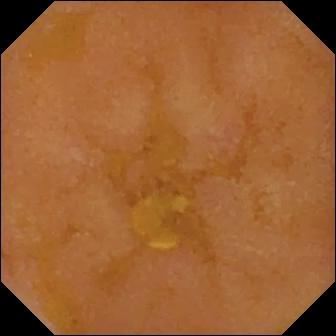modality: capsule endoscopy; segment: small bowel; category: luminal finding; finding: reduced mucosal view (content or bubbles obscuring the mucosa)